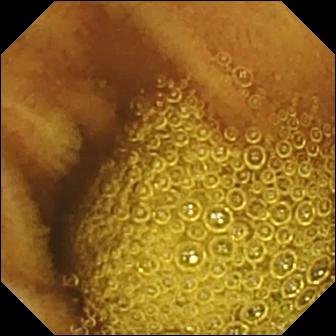- modality: VCE
- finding: normal clean mucosa